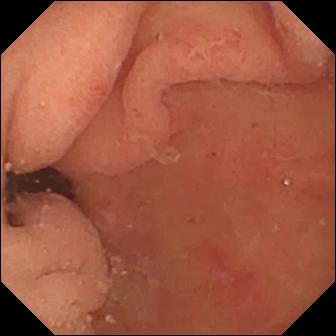- modality: WCE
- position: pylorus region